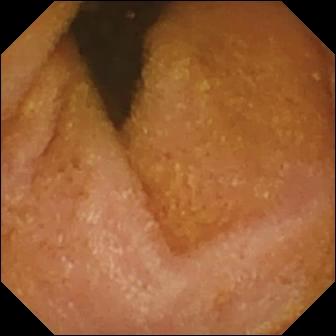WCE. Small intestine. Luminal finding. Finding: normal clean mucosa.